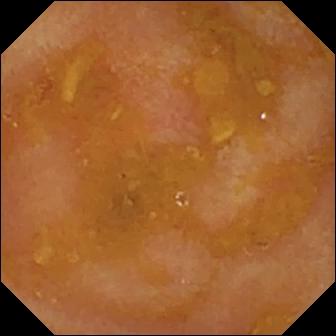Reduced mucosal view (content or bubbles obscuring the mucosa) — small-bowel capsule endoscopy snapshot of the small bowel.